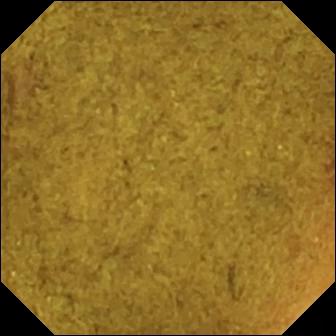Wireless capsule endoscopy still. Taken in the ileo-cecal valve region (where the capsule passes from the small bowel into the large bowel).